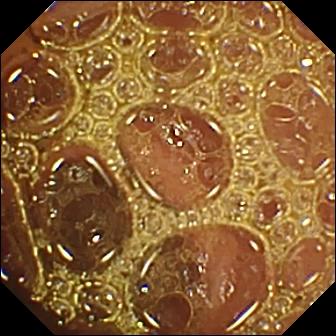{"modality": "VCE", "category": "luminal finding", "finding": "normal clean mucosa"}